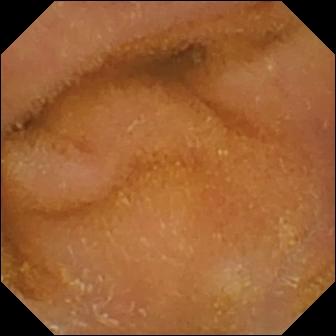- modality: VCE
- segment: small bowel
- label: normal clean mucosa